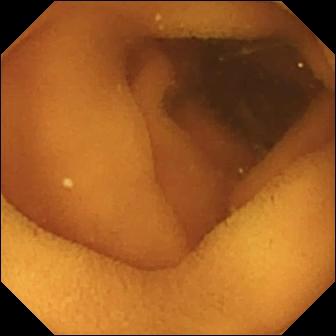Q: What does this video capsule endoscopy frame of the small bowel show?
A: Normal clean mucosa.